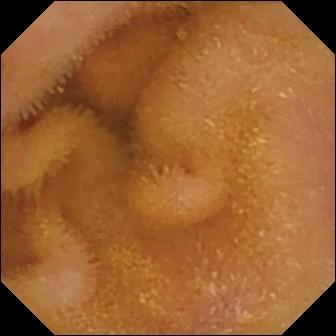{"modality": "VCE", "finding": "normal clean mucosa"}